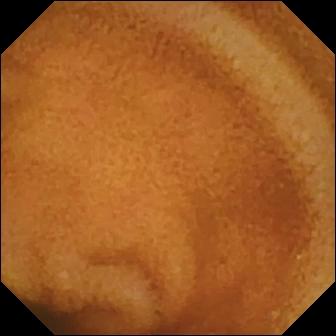- modality: wireless capsule endoscopy
- observation: normal clean mucosa